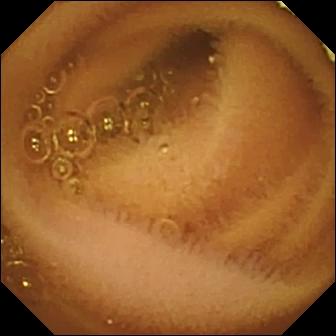This WCE still shows normal clean mucosa.